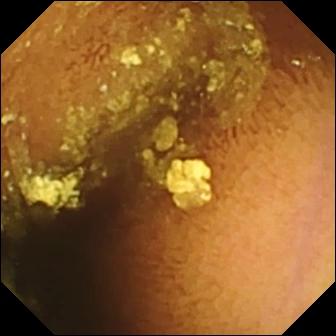This WCE frame of the small intestine shows normal clean mucosa.